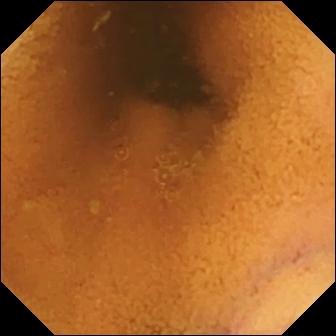modality: VCE
label: normal clean mucosa